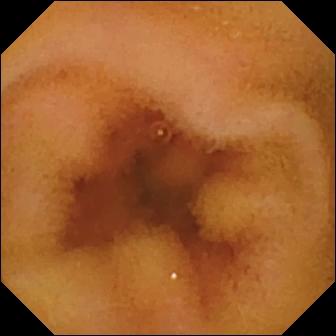Wireless capsule endoscopy frame (small intestine). Normal clean mucosa.